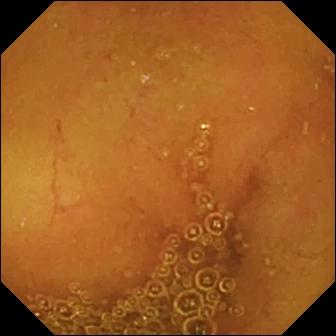Normal clean mucosa.